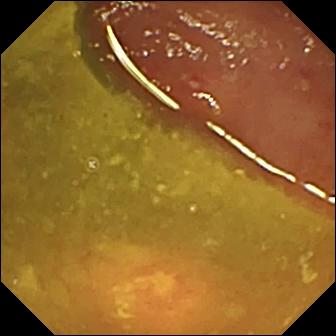Ulcer.